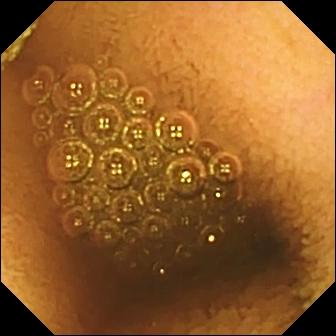PROCEDURE: Wireless capsule endoscopy.
FINDINGS: Reduced mucosal view (content or bubbles obscuring the mucosa).